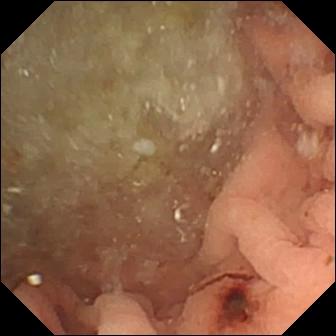Angiectasia (336×336).